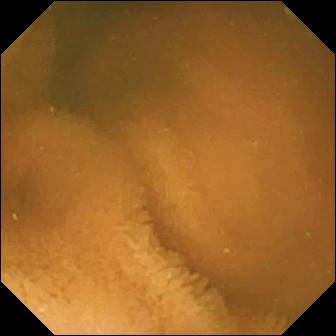Capsule endoscopy frame of the small bowel showing normal clean mucosa.